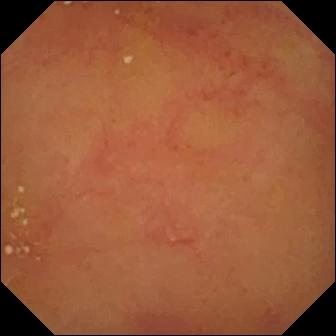Normal clean mucosa — WCE view of the small bowel.